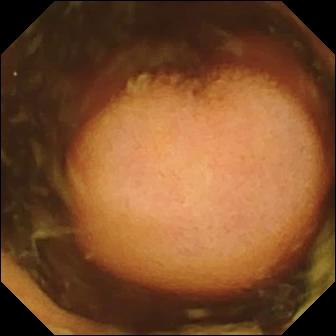modality: wireless capsule endoscopy | impression: polyp